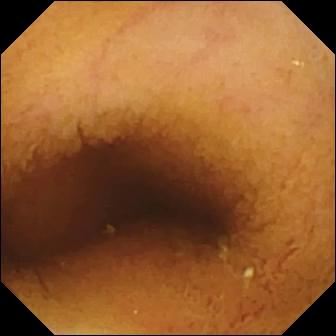Normal clean mucosa — video capsule endoscopy snapshot of the small intestine.